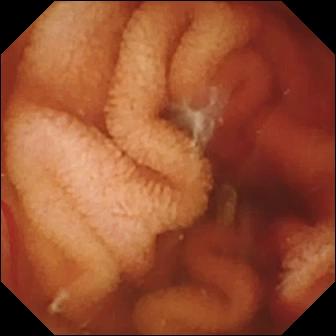VCE. Impression: fresh blood in the lumen.